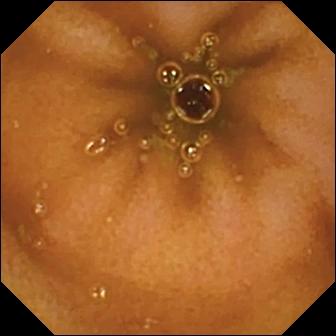Video capsule endoscopy — normal clean mucosa.